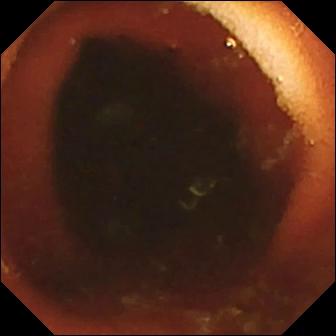Wireless capsule endoscopy view
Position: ileo-cecal valve region (the transition from the small bowel to the large bowel)